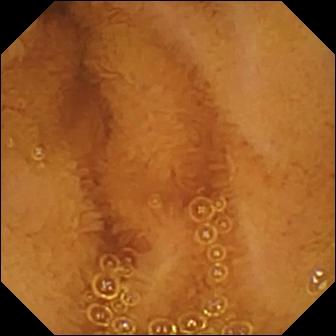VCE still (small bowel). Normal clean mucosa.